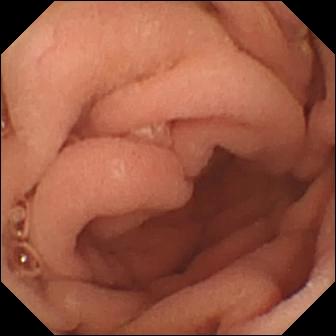- modality: wireless capsule endoscopy
- position: pylorus region (where the capsule passes from the stomach into the small bowel)